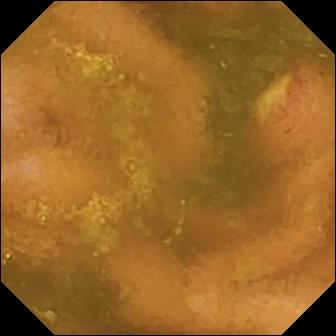Video capsule endoscopy snapshot, 336×336. Ulcer.